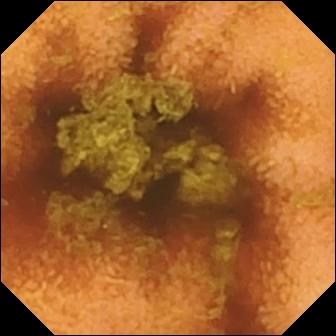Q: What does this WCE still show?
A: Normal clean mucosa.